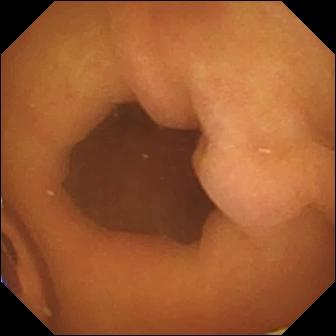Video capsule endoscopy view. Foreign body (e.g. retained capsule, tablet residue).